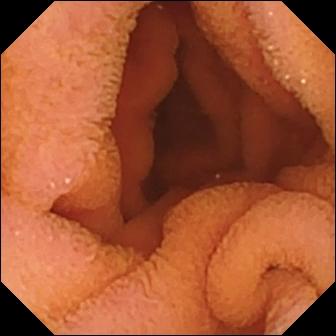{"modality": "small-bowel capsule endoscopy", "segment": "small bowel", "finding": "normal clean mucosa"}